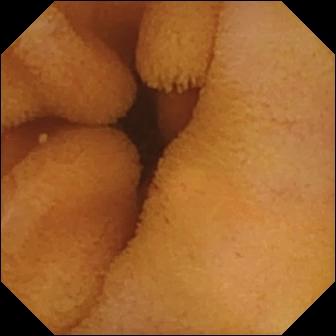{"modality": "wireless capsule endoscopy", "finding": "normal clean mucosa"}